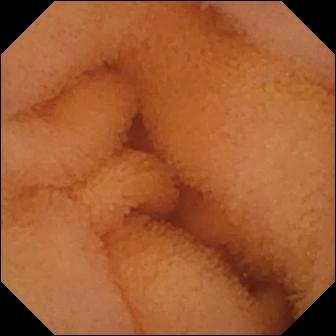- modality: WCE
- label: normal clean mucosa